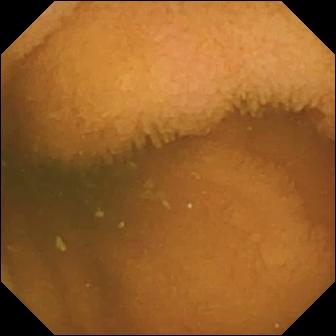PROCEDURE: Capsule endoscopy.
SEGMENT: Small bowel.
FINDINGS: Normal clean mucosa.